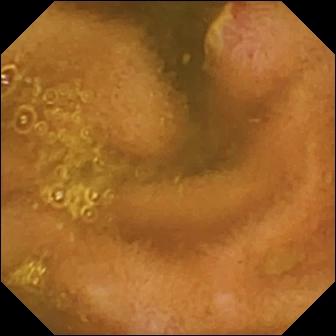{"modality": "video capsule endoscopy", "finding": "ulcer"}